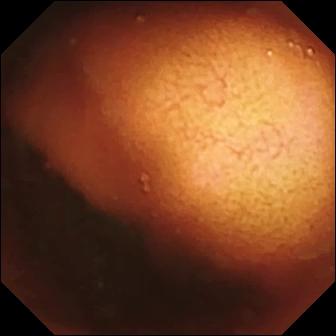Ileo-cecal valve region (where the capsule passes from the small bowel into the large bowel), 336×336.